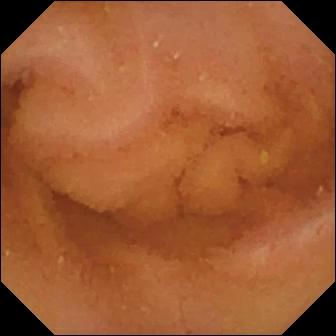Q: What does this small-bowel capsule endoscopy view show?
A: Normal clean mucosa.